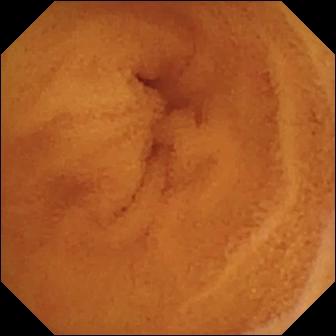This wireless capsule endoscopy view of the small intestine shows normal clean mucosa.